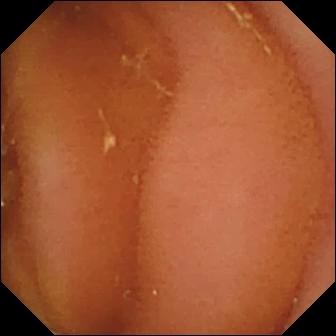Normal clean mucosa (336×336).